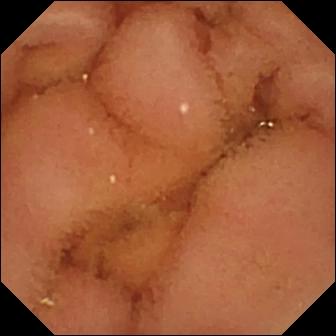Capsule endoscopy snapshot
Label: normal clean mucosa